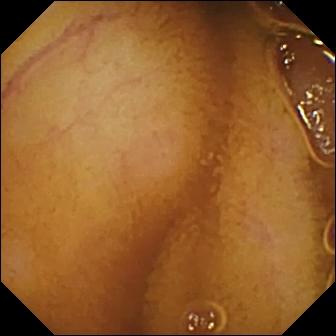- modality: wireless capsule endoscopy
- finding: normal clean mucosa